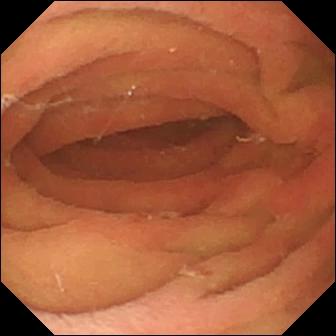Video capsule endoscopy — pylorus region.